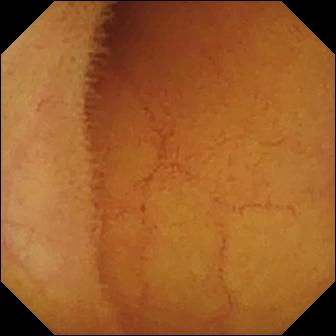WCE. Small bowel. Luminal finding. Impression: normal clean mucosa.